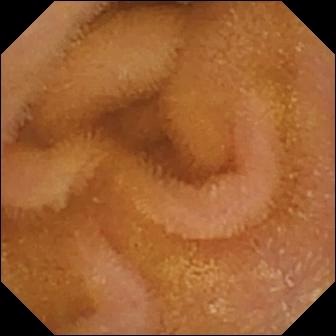- modality: video capsule endoscopy
- segment: small bowel
- category: luminal finding
- label: normal clean mucosa